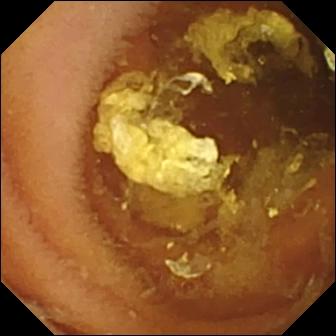modality: video capsule endoscopy; observation: normal clean mucosa